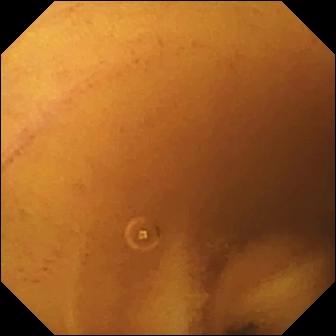{"modality": "video capsule endoscopy", "segment": "small bowel", "finding": "normal clean mucosa"}